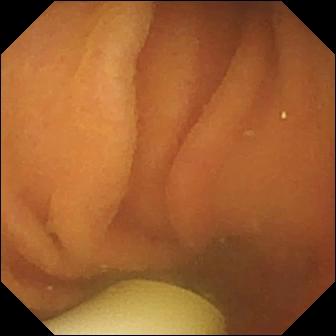Wireless capsule endoscopy image. Foreign body (e.g. retained capsule, tablet residue).